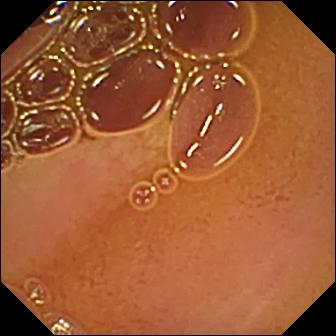modality: capsule endoscopy
segment: small intestine
impression: normal clean mucosa